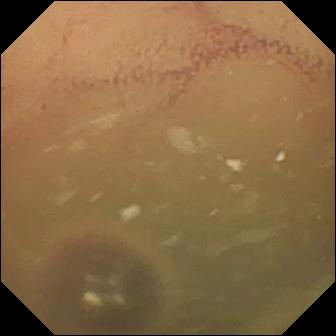This WCE still of the small intestine shows normal clean mucosa.